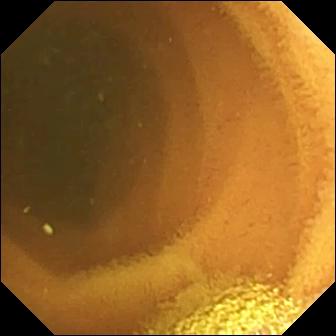Video capsule endoscopy — normal clean mucosa.